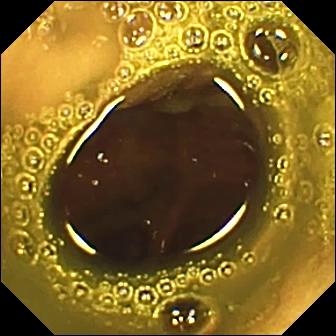modality: VCE; category: anatomical landmark; video segment: ileo-cecal valve region (where the capsule passes from the small bowel into the large bowel)